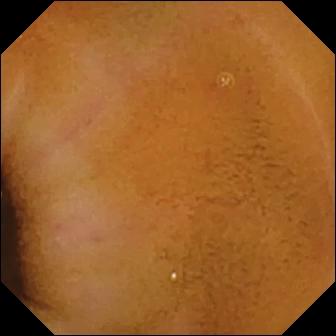Normal clean mucosa (336×336).